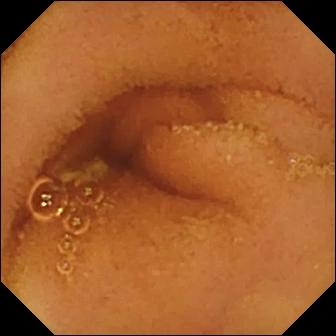PROCEDURE: Wireless capsule endoscopy.
FINDINGS: Normal clean mucosa.